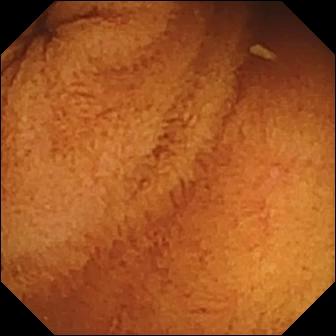VCE snapshot. Normal clean mucosa.